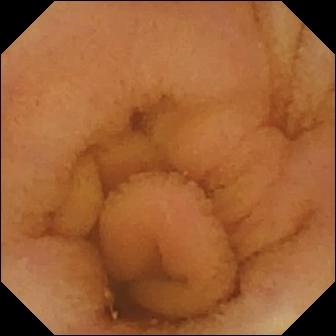{"modality": "VCE", "segment": "small intestine", "finding": "normal clean mucosa"}